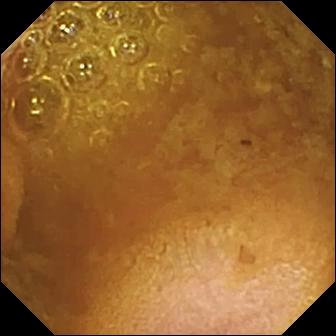Capsule endoscopy view
Label: reduced mucosal view (content or bubbles obscuring the mucosa)